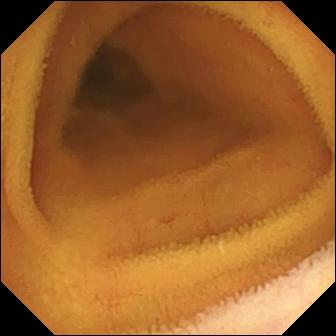Small-bowel capsule endoscopy — normal clean mucosa.